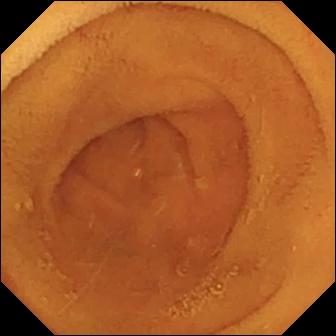This VCE snapshot shows normal clean mucosa.